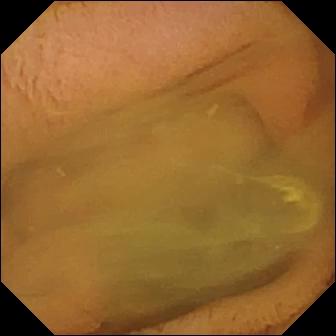Capsule endoscopy. Small bowel. Impression: normal clean mucosa.